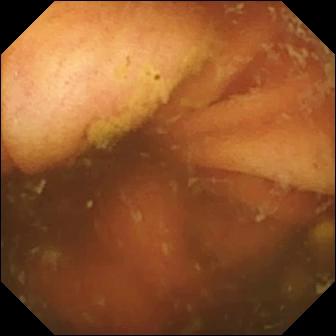Small-bowel capsule endoscopy — ileo-cecal valve region (the transition from the small bowel to the large bowel).